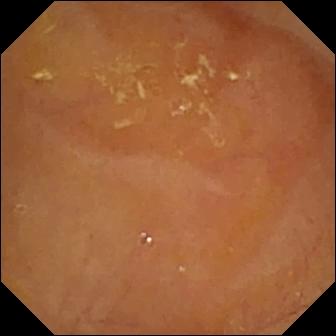This WCE view shows reduced mucosal view (content or bubbles obscuring the mucosa).